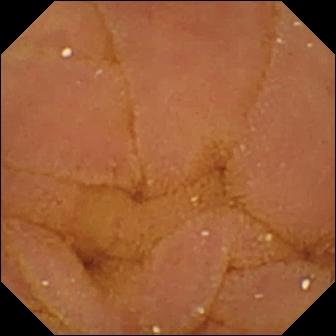Normal clean mucosa — wireless capsule endoscopy image.